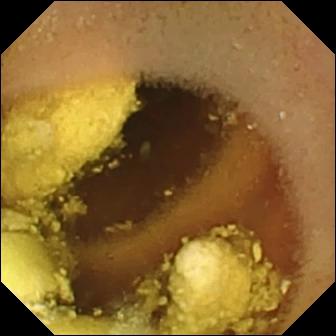This WCE view shows foreign body (e.g. retained capsule, tablet residue).